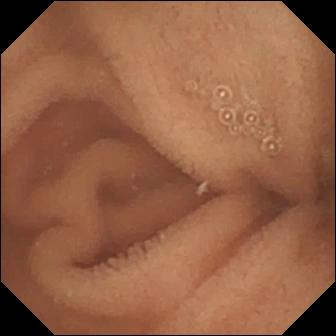This capsule endoscopy snapshot of the small bowel shows normal clean mucosa.